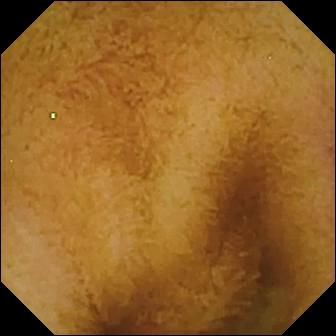Capsule endoscopy still. Normal clean mucosa.